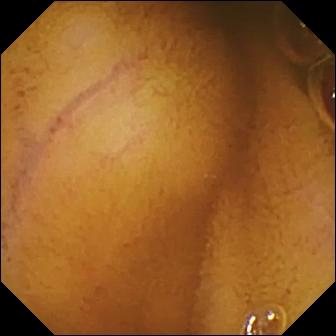VCE frame of the small bowel showing normal clean mucosa.